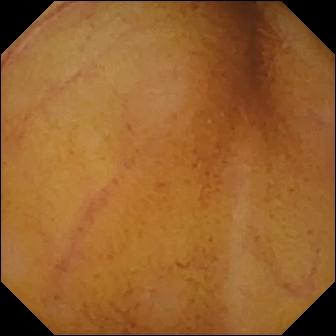VCE still showing normal clean mucosa.